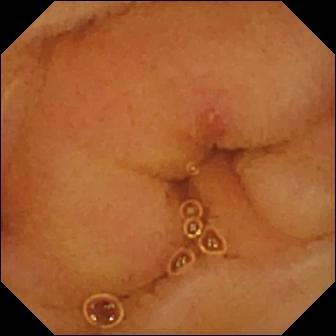PROCEDURE: Capsule endoscopy.
FINDINGS: Erosion.